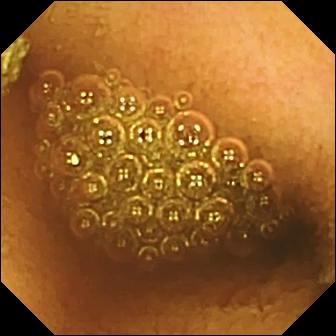WCE. Observation: reduced mucosal view (content or bubbles obscuring the mucosa).